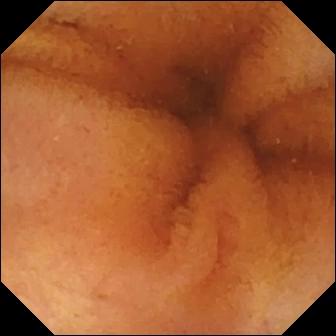This small-bowel capsule endoscopy still shows normal clean mucosa.